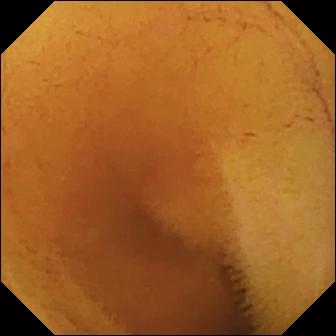Wireless capsule endoscopy — normal clean mucosa.